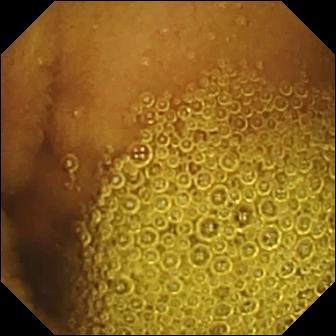Normal clean mucosa.